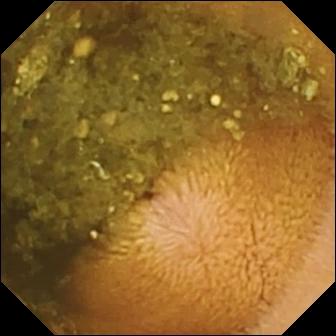Reduced mucosal view (content or bubbles obscuring the mucosa).